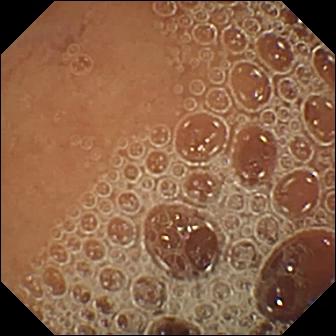VCE — normal clean mucosa.